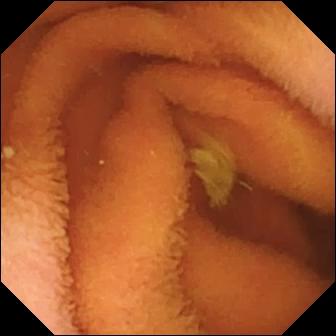This video capsule endoscopy view of the small intestine shows normal clean mucosa.